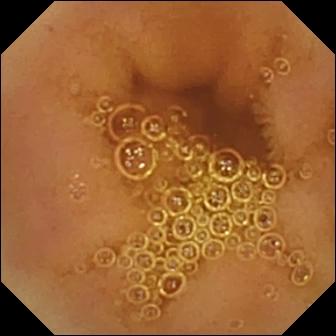PROCEDURE: Video capsule endoscopy.
SEGMENT: Small bowel.
FINDINGS: Normal clean mucosa.